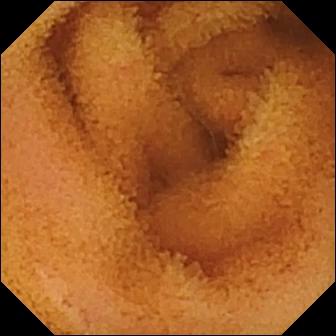Wireless capsule endoscopy. Small intestine. Impression: normal clean mucosa.